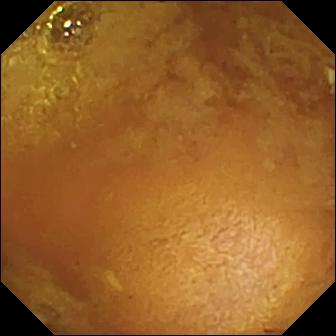Q: What does this WCE view show?
A: Reduced mucosal view (content or bubbles obscuring the mucosa).